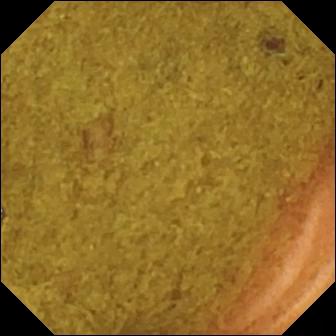This small-bowel capsule endoscopy frame was taken in the ileo-cecal valve region (where the capsule passes from the small bowel into the large bowel).